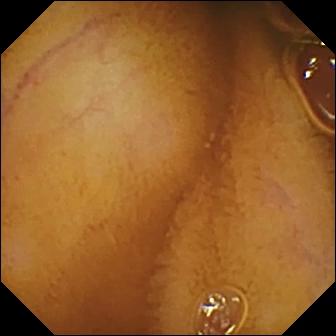Video capsule endoscopy — normal clean mucosa.